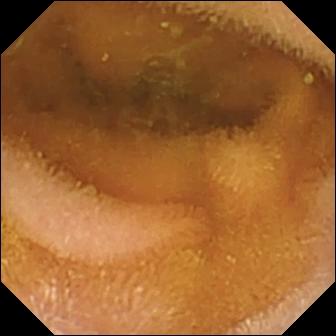Normal clean mucosa (336×336).